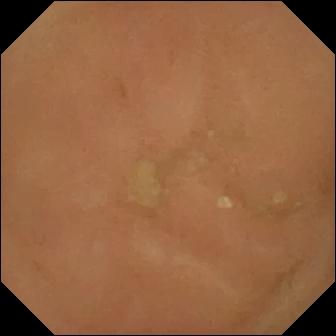This VCE view of the small intestine shows normal clean mucosa.